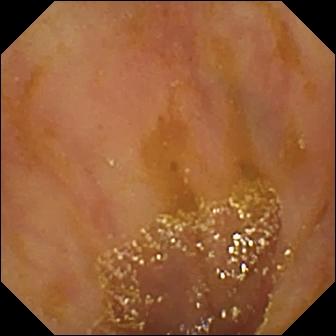VCE. Position: ileo-cecal valve region (where the capsule passes from the small bowel into the large bowel).